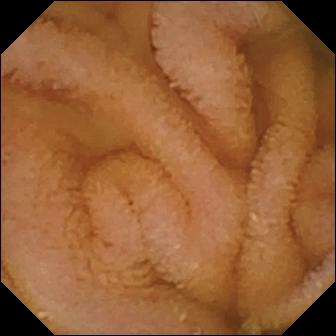Normal clean mucosa.